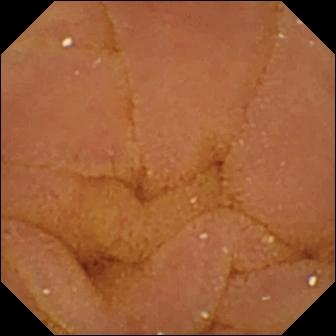- modality: VCE
- impression: normal clean mucosa